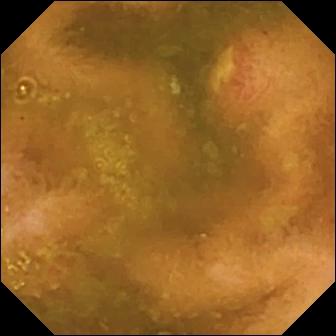Ulcer — WCE snapshot.